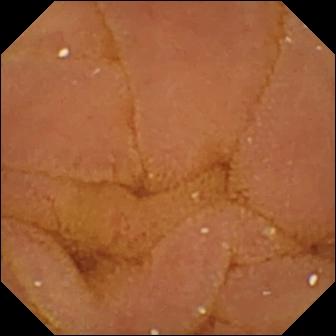Small-bowel capsule endoscopy. Small intestine. Label: normal clean mucosa.